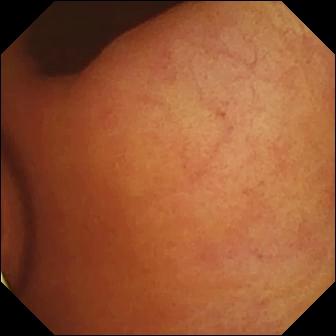This WCE snapshot shows foreign body (e.g. retained capsule, tablet residue).